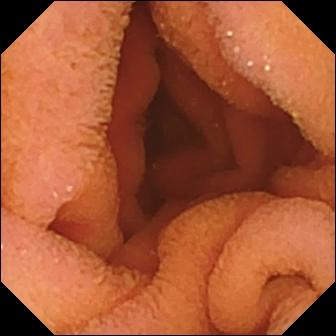- modality: capsule endoscopy
- impression: normal clean mucosa